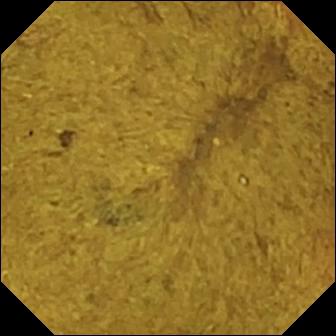- modality: small-bowel capsule endoscopy
- category: anatomical landmark
- video segment: ileo-cecal valve region